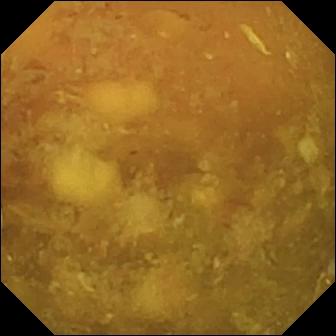WCE view of the small bowel showing reduced mucosal view (content or bubbles obscuring the mucosa).